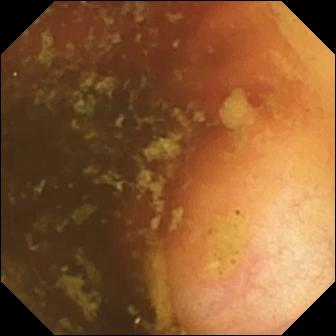Wireless capsule endoscopy image taken in the ileo-cecal valve region (where the capsule passes from the small bowel into the large bowel).